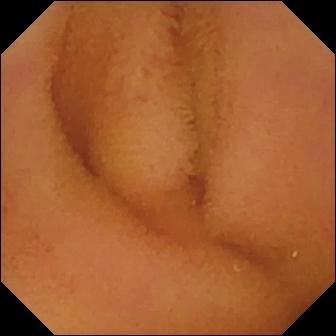modality: small-bowel capsule endoscopy; category: luminal finding; impression: normal clean mucosa